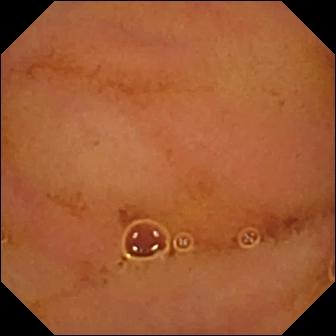PROCEDURE: VCE.
SEGMENT: Small intestine.
FINDINGS: Normal clean mucosa.